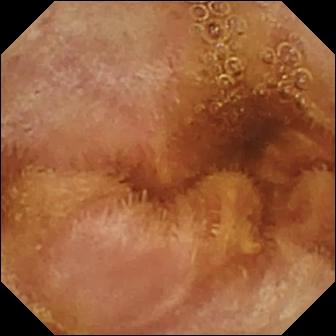- modality: WCE
- category: luminal finding
- finding: normal clean mucosa